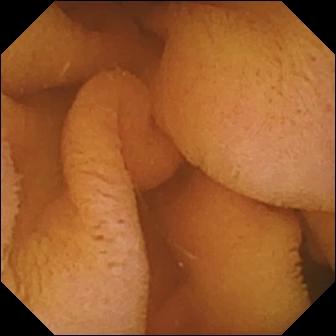Wireless capsule endoscopy still of the small intestine showing normal clean mucosa.